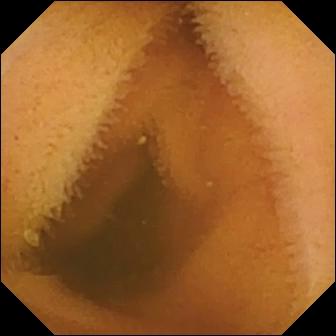Normal clean mucosa.